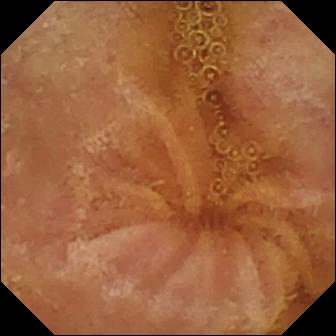Q: What does this VCE frame of the small bowel show?
A: Normal clean mucosa.